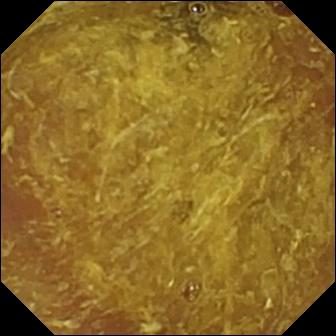Reduced mucosal view (content or bubbles obscuring the mucosa).